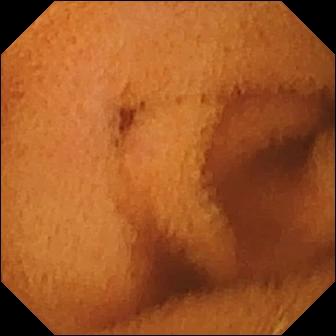{"modality": "WCE", "segment": "small intestine", "finding": "normal clean mucosa"}